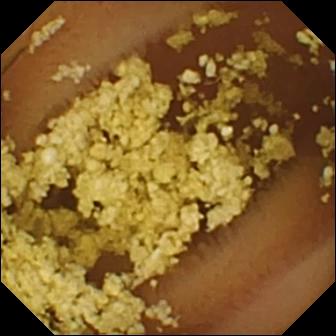Normal clean mucosa — capsule endoscopy frame of the small bowel.